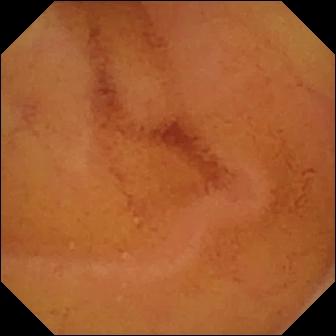modality: wireless capsule endoscopy | finding: normal clean mucosa